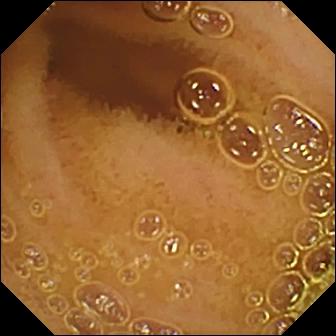- modality: WCE
- finding: normal clean mucosa